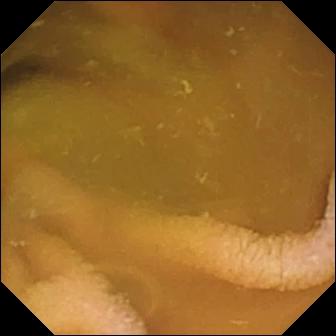Wireless capsule endoscopy frame of the small intestine showing normal clean mucosa.